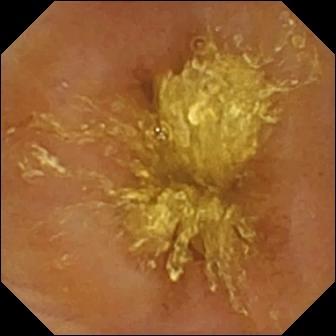Reduced mucosal view (content or bubbles obscuring the mucosa).